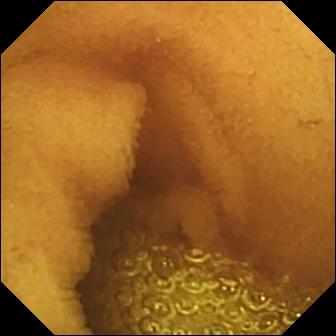VCE image, small intestine
Impression: normal clean mucosa